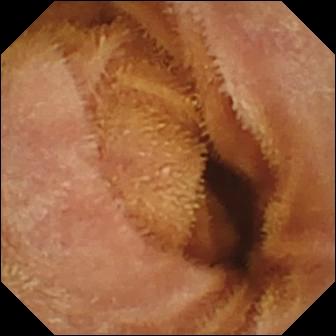VCE snapshot. Normal clean mucosa.